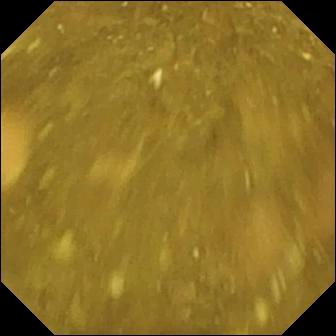This capsule endoscopy image was taken in the ileo-cecal valve region.